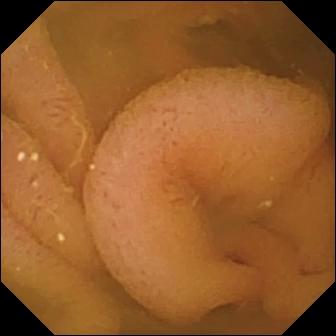Normal clean mucosa — WCE image.